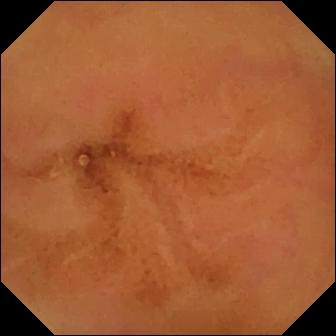Normal clean mucosa.